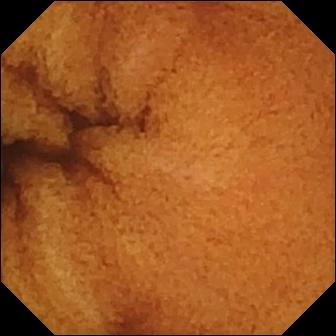VCE snapshot. Normal clean mucosa.